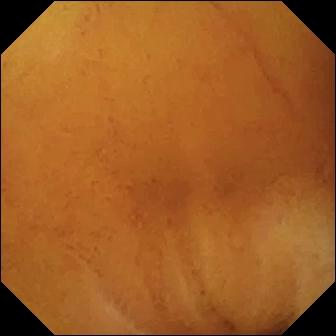Wireless capsule endoscopy. Luminal finding. Finding: normal clean mucosa.